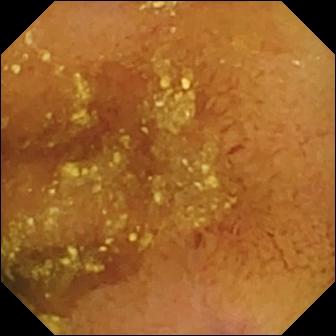This capsule endoscopy snapshot of the small bowel shows normal clean mucosa.